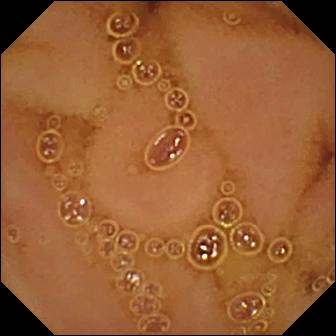Wireless capsule endoscopy image of the small intestine showing normal clean mucosa.